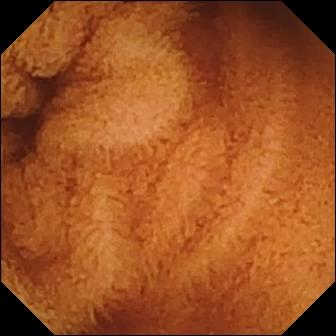- modality: WCE
- segment: small bowel
- finding: normal clean mucosa